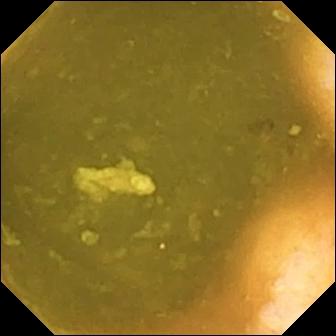This capsule endoscopy snapshot was taken in the ileo-cecal valve region (the transition from the small bowel to the large bowel).